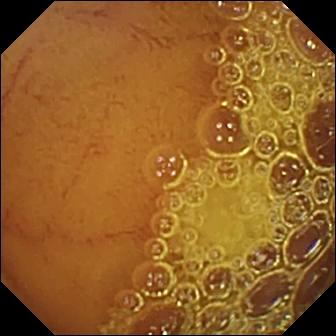modality: WCE; finding: normal clean mucosa